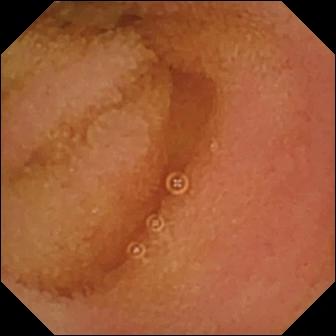VCE frame. Normal clean mucosa.